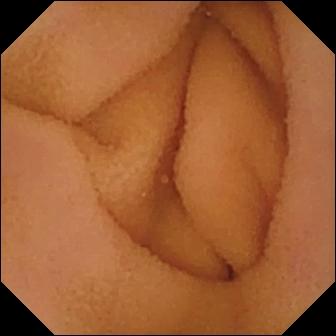Capsule endoscopy view showing normal clean mucosa.